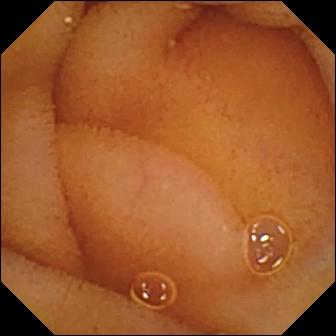Capsule endoscopy — normal clean mucosa.